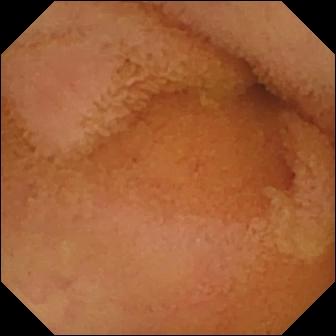Q: What does this capsule endoscopy frame of the small intestine show?
A: Normal clean mucosa.